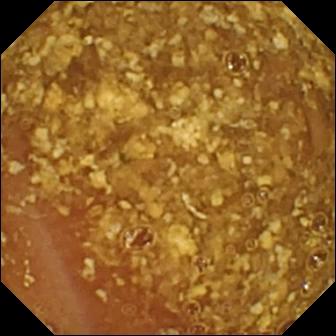Small-bowel capsule endoscopy still (small bowel). Reduced mucosal view (content or bubbles obscuring the mucosa).